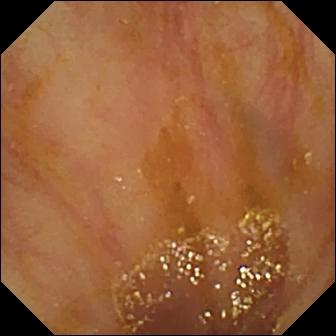Capsule endoscopy. Location: ileo-cecal valve region.